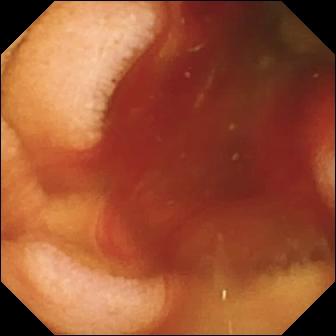- modality: WCE
- observation: fresh blood in the lumen